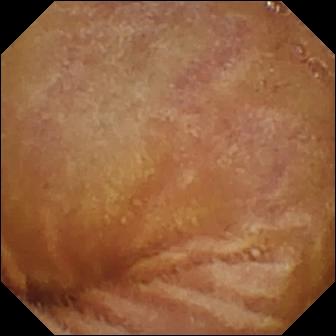Video capsule endoscopy — normal clean mucosa.